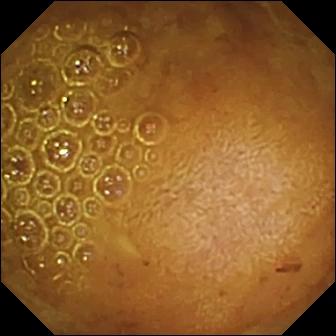Capsule endoscopy frame
Impression: reduced mucosal view (content or bubbles obscuring the mucosa)